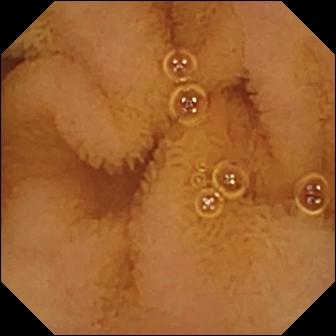- modality: WCE
- finding: normal clean mucosa